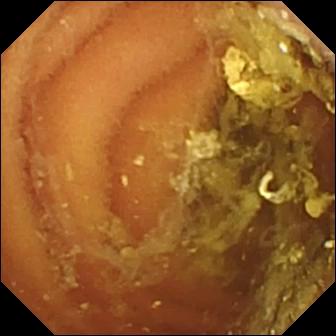Capsule endoscopy still showing normal clean mucosa.